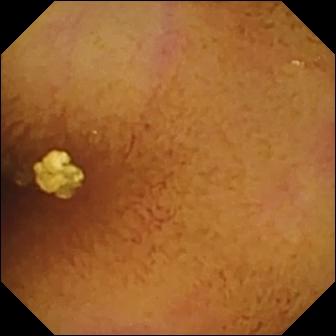Q: What does this VCE snapshot show?
A: Normal clean mucosa.